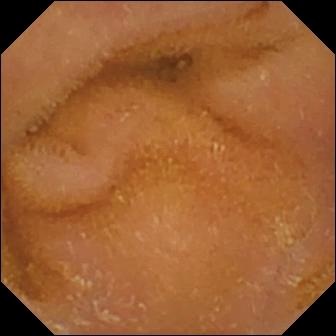Small-bowel capsule endoscopy still of the small bowel showing normal clean mucosa.